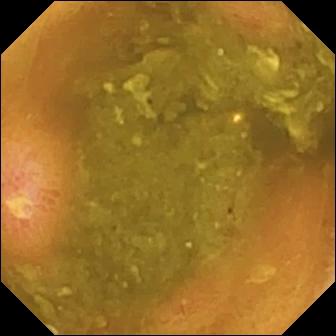Ulcer — video capsule endoscopy frame.